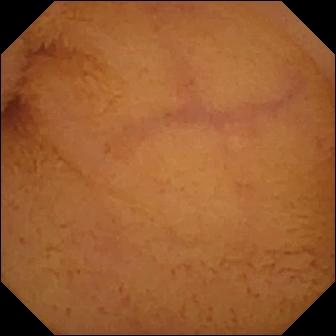Normal clean mucosa.